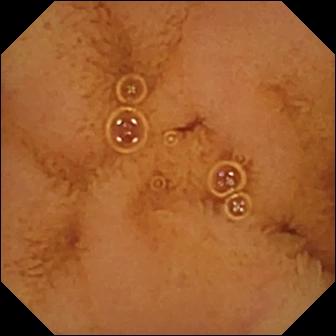modality: VCE; category: luminal finding; finding: normal clean mucosa